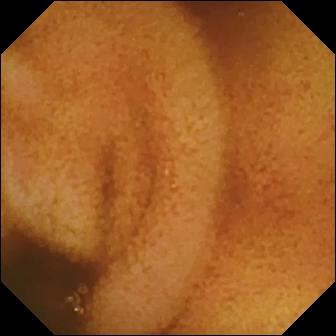VCE snapshot, small bowel
Finding: normal clean mucosa